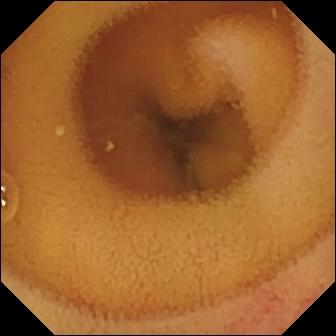Q: What does this capsule endoscopy view show?
A: Angiectasia.